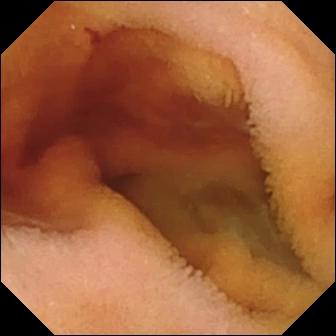Video capsule endoscopy still
Label: fresh blood in the lumen